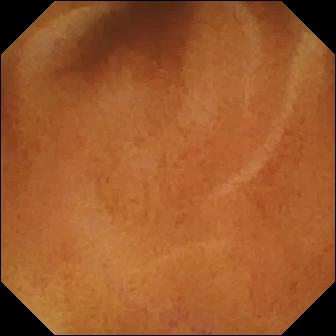- modality: small-bowel capsule endoscopy
- segment: small bowel
- impression: normal clean mucosa